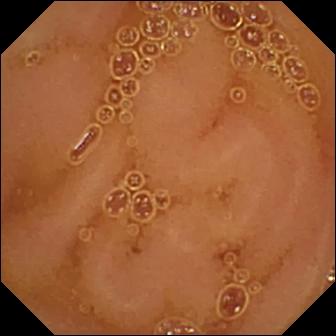{"modality": "VCE", "finding": "normal clean mucosa"}